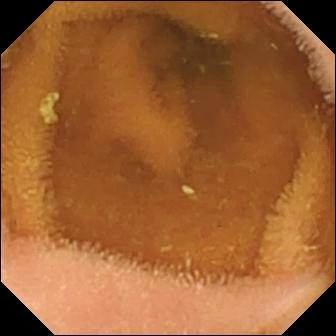Q: What does this VCE view of the small intestine show?
A: Normal clean mucosa.